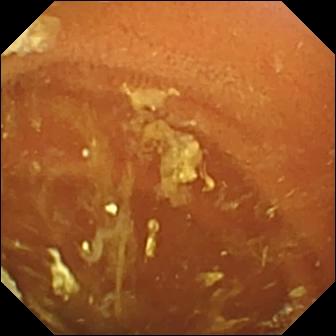{"modality": "small-bowel capsule endoscopy", "segment": "small bowel", "finding": "normal clean mucosa"}